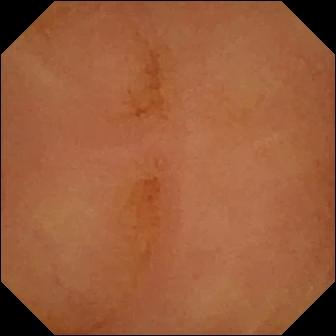Wireless capsule endoscopy view of the small intestine showing normal clean mucosa.